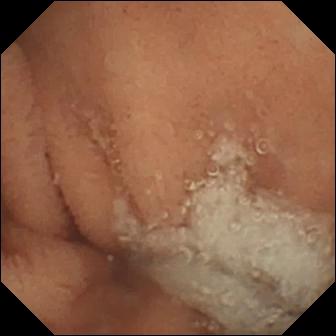This VCE snapshot of the small intestine shows normal clean mucosa.